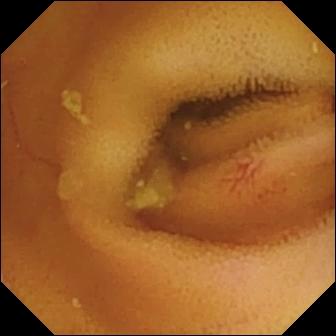VCE — angiectasia.